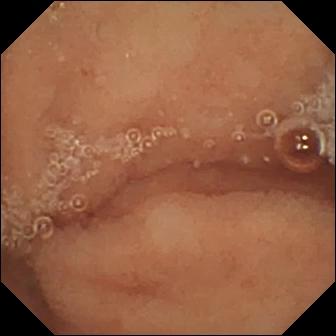Video capsule endoscopy frame (small intestine). Normal clean mucosa.